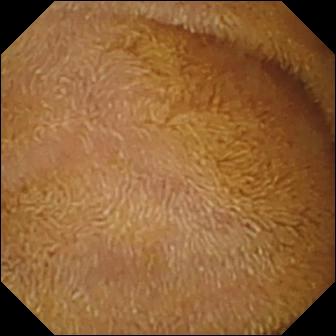Small-bowel capsule endoscopy view. Normal clean mucosa.